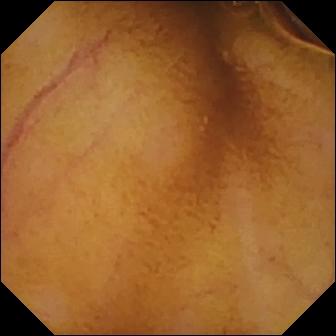modality: capsule endoscopy
segment: small bowel
impression: normal clean mucosa